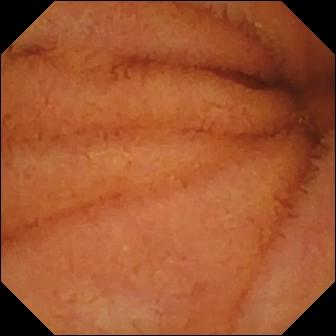Normal clean mucosa.